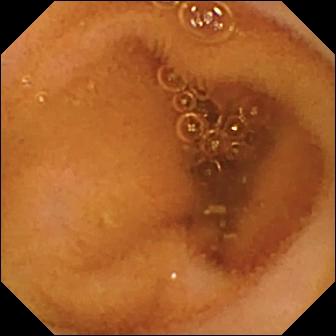WCE frame showing normal clean mucosa.